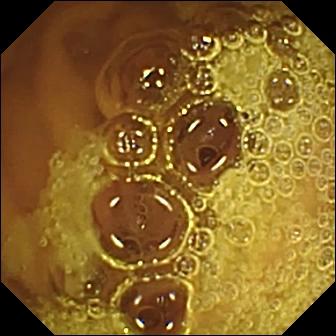Small-bowel capsule endoscopy — normal clean mucosa.